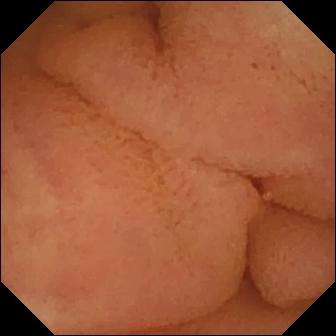PROCEDURE: Small-bowel capsule endoscopy.
SEGMENT: Small bowel.
FINDINGS: Normal clean mucosa.